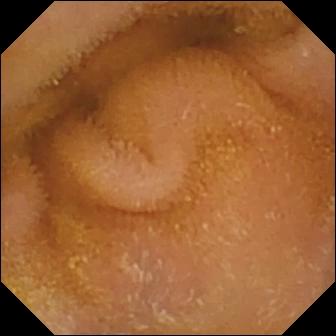Normal clean mucosa.